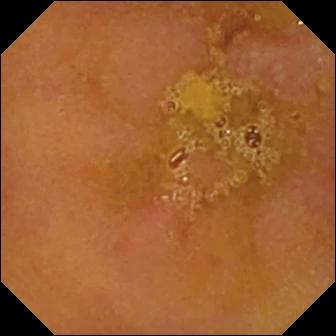PROCEDURE: VCE.
FINDINGS: Reduced mucosal view (content or bubbles obscuring the mucosa).